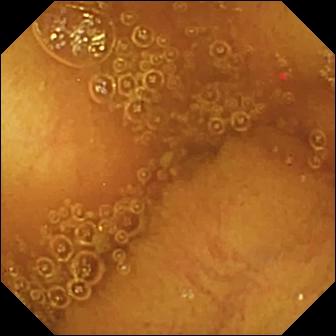Wireless capsule endoscopy snapshot of the small intestine showing normal clean mucosa.